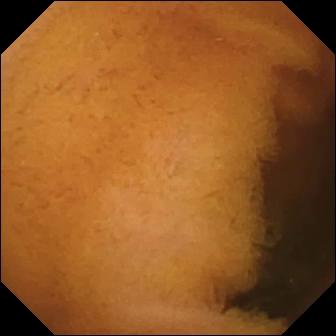Wireless capsule endoscopy — normal clean mucosa.